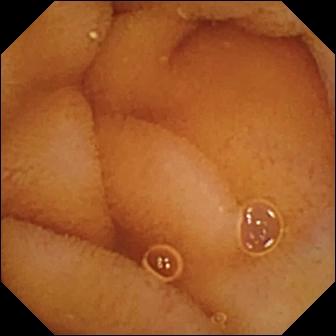This VCE snapshot shows normal clean mucosa.